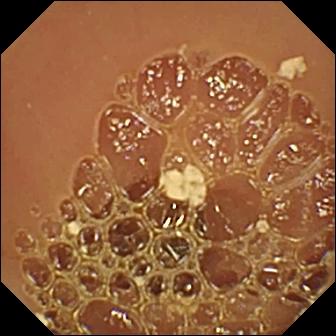Capsule endoscopy — normal clean mucosa.